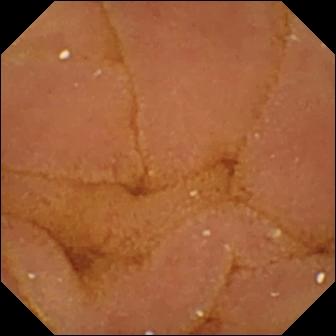{"modality": "WCE", "segment": "small intestine", "finding": "normal clean mucosa"}